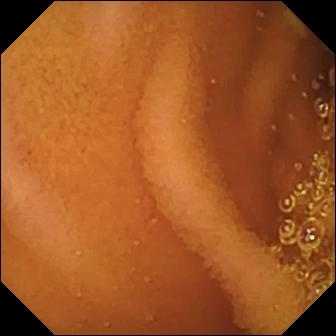Video capsule endoscopy — normal clean mucosa.